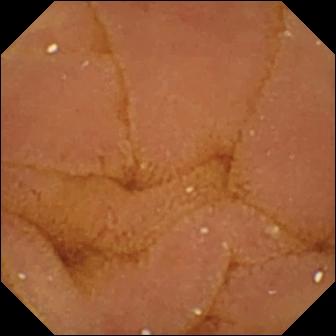modality: video capsule endoscopy; finding: normal clean mucosa